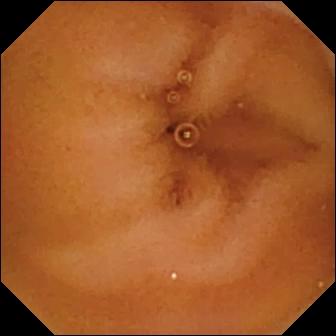{"modality": "VCE", "segment": "small bowel", "category": "luminal finding", "finding": "normal clean mucosa"}